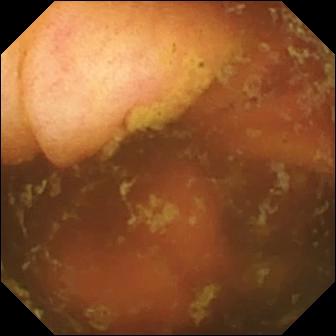Ileo-cecal valve region.